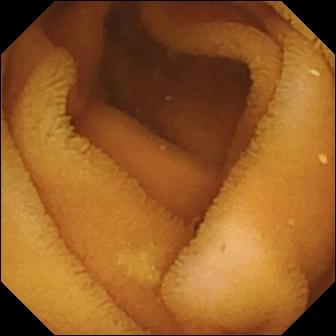Normal clean mucosa (336×336).